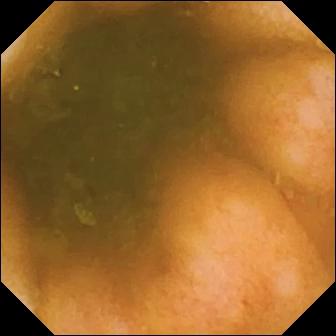Video capsule endoscopy frame, 336×336. Taken in the ileo-cecal valve region (where the capsule passes from the small bowel into the large bowel).